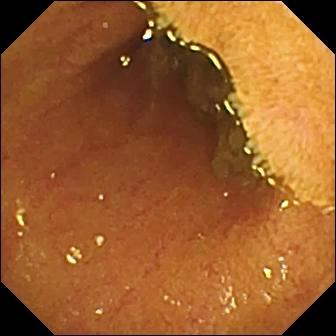Small-bowel capsule endoscopy snapshot
Label: ileo-cecal valve region (the transition from the small bowel to the large bowel)